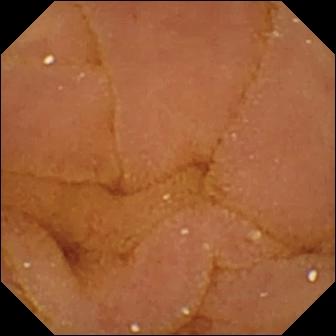Capsule endoscopy image of the small intestine showing normal clean mucosa.